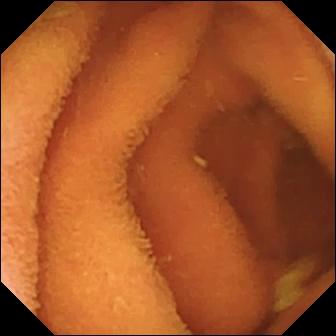modality: small-bowel capsule endoscopy; segment: small intestine; label: normal clean mucosa